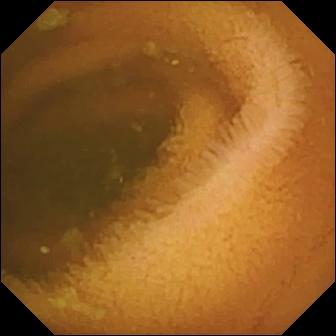PROCEDURE: Small-bowel capsule endoscopy.
SEGMENT: Small bowel.
FINDINGS: Normal clean mucosa.